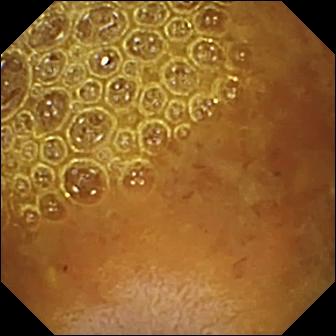PROCEDURE: WCE.
SEGMENT: Small bowel.
FINDINGS: Reduced mucosal view (content or bubbles obscuring the mucosa).